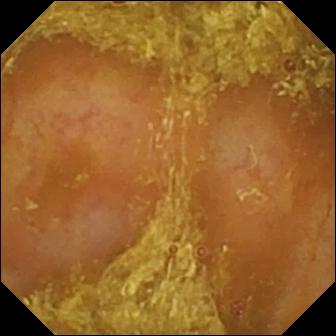Q: What does this WCE image show?
A: Reduced mucosal view (content or bubbles obscuring the mucosa).